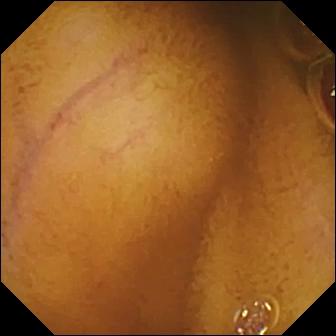PROCEDURE: VCE.
SEGMENT: Small bowel.
FINDINGS: Normal clean mucosa.